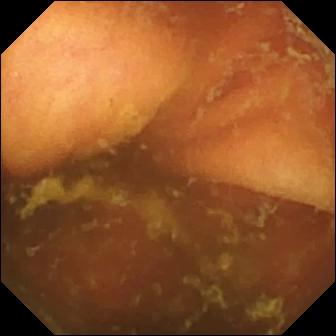This wireless capsule endoscopy frame was taken in the ileo-cecal valve region (the transition from the small bowel to the large bowel).